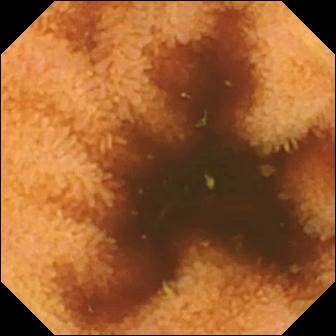Small-bowel capsule endoscopy image, small intestine
Impression: normal clean mucosa